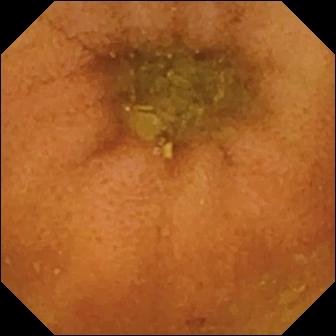Capsule endoscopy frame, 336×336. Normal clean mucosa.